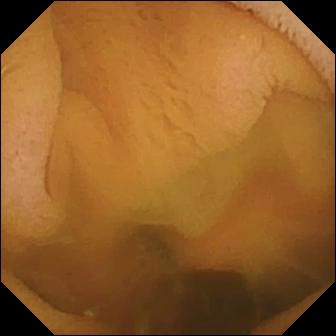This wireless capsule endoscopy frame of the small intestine shows normal clean mucosa.